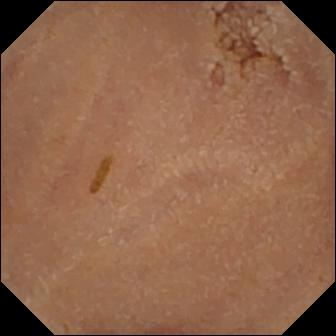Wireless capsule endoscopy snapshot
Impression: normal clean mucosa